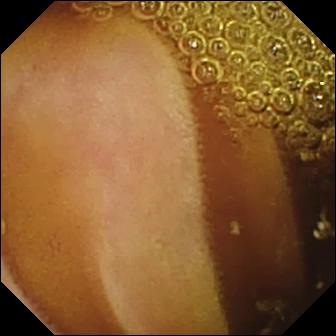Normal clean mucosa — small-bowel capsule endoscopy still.